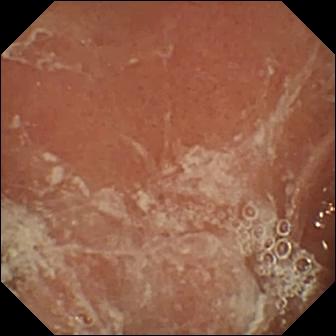{"modality": "video capsule endoscopy", "position": "pylorus region (the junction between the stomach and the small bowel)"}